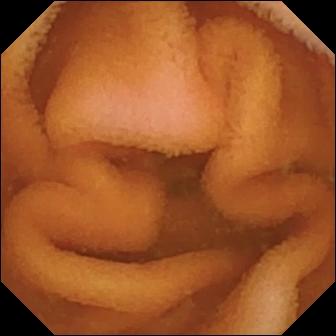modality: video capsule endoscopy | impression: normal clean mucosa